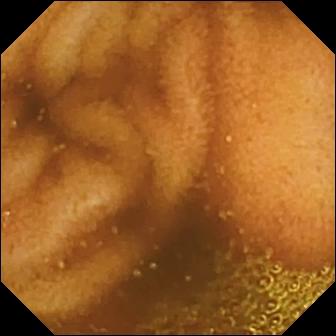Small-bowel capsule endoscopy view. Normal clean mucosa.